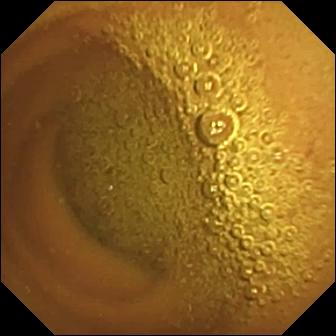Video capsule endoscopy — normal clean mucosa.